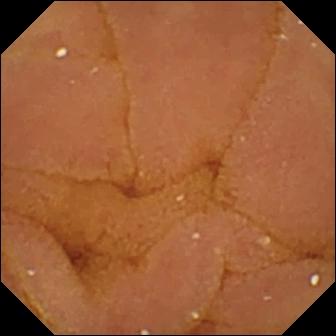Normal clean mucosa — capsule endoscopy view.